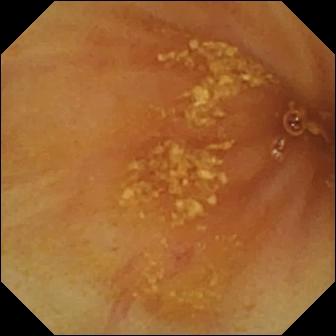VCE image. Taken in the ileo-cecal valve region (the transition from the small bowel to the large bowel).